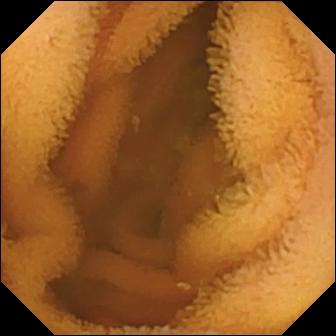This small-bowel capsule endoscopy image shows normal clean mucosa.